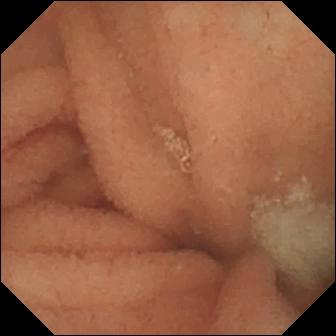modality: video capsule endoscopy | segment: small intestine | finding: normal clean mucosa